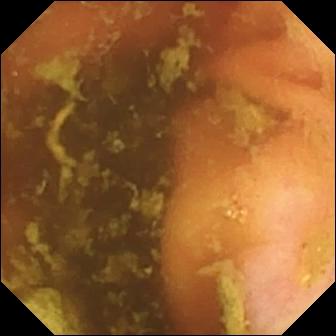{"modality": "wireless capsule endoscopy", "video_segment": "ileo-cecal valve region"}